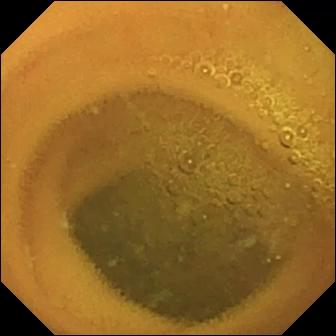Normal clean mucosa (336×336).